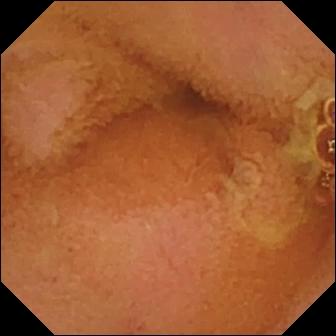modality: capsule endoscopy; observation: normal clean mucosa